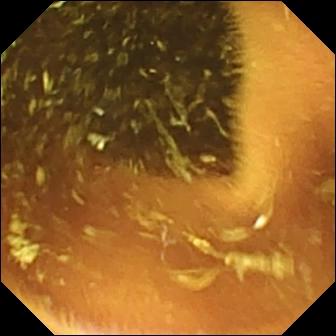modality: VCE | category: luminal finding | observation: normal clean mucosa